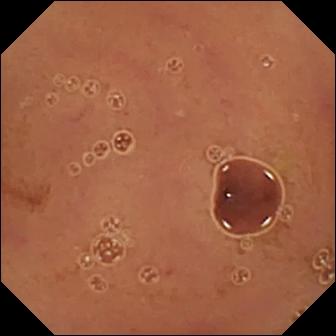Normal clean mucosa.